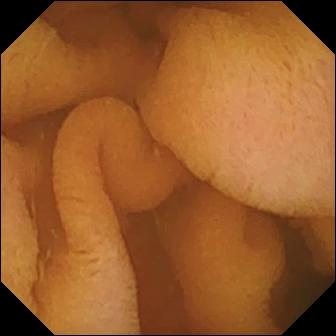Normal clean mucosa — WCE snapshot.